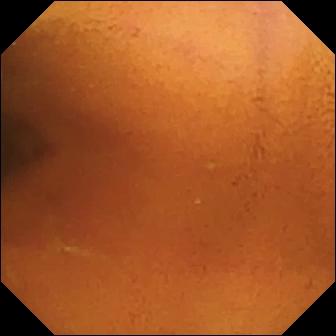Capsule endoscopy frame, 336×336. Normal clean mucosa.